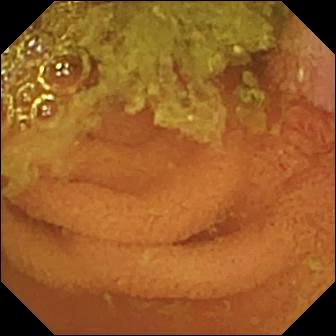Normal clean mucosa — capsule endoscopy image.